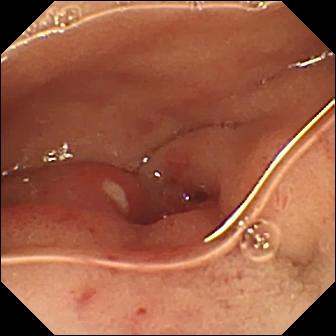VCE image, 336×336. Ulcer.